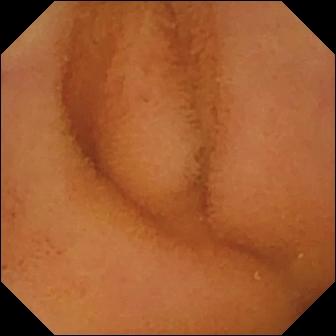Small-bowel capsule endoscopy still of the small intestine showing normal clean mucosa.